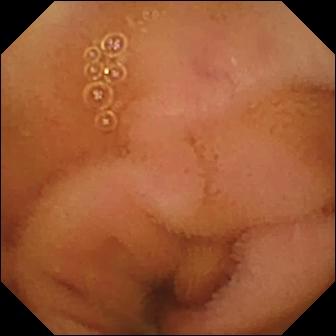Q: What does this wireless capsule endoscopy view of the small intestine show?
A: Normal clean mucosa.